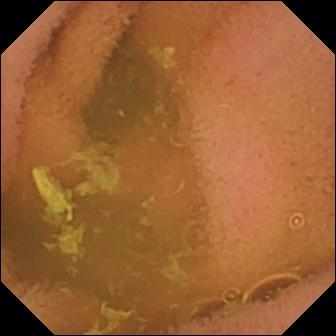This WCE still of the small intestine shows normal clean mucosa.